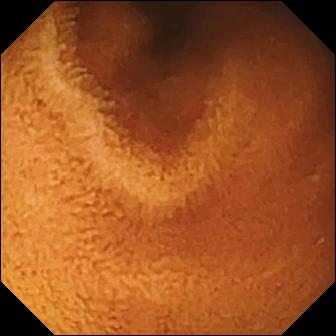Q: What does this video capsule endoscopy view of the small intestine show?
A: Normal clean mucosa.